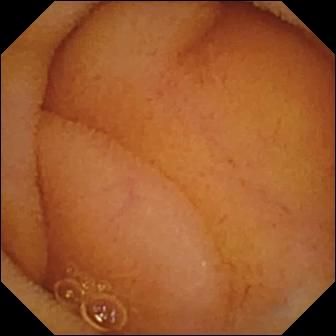PROCEDURE: Wireless capsule endoscopy.
SEGMENT: Small bowel.
FINDINGS: Normal clean mucosa.